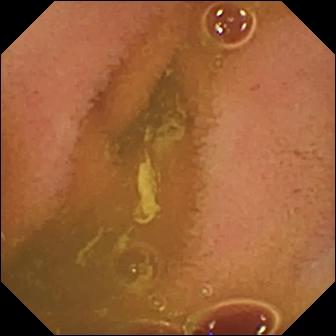Normal clean mucosa (336×336).